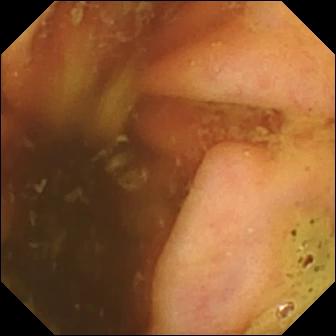WCE — ileo-cecal valve region (the transition from the small bowel to the large bowel).